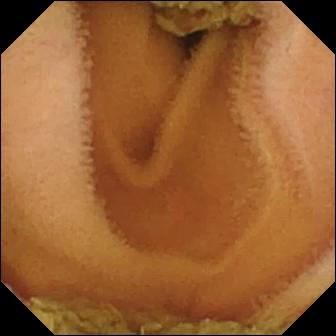Normal clean mucosa.